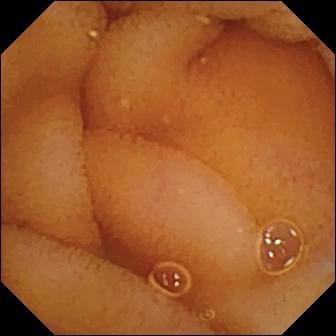modality: video capsule endoscopy | category: luminal finding | label: normal clean mucosa